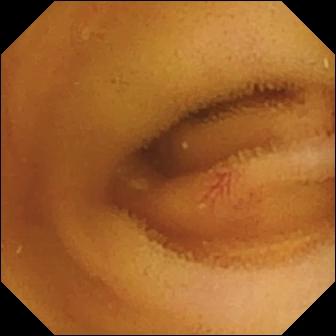modality: small-bowel capsule endoscopy; category: luminal finding; finding: angiectasia